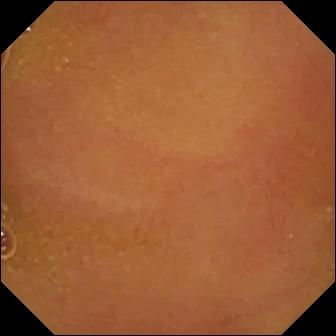Video capsule endoscopy image, small bowel
Impression: normal clean mucosa